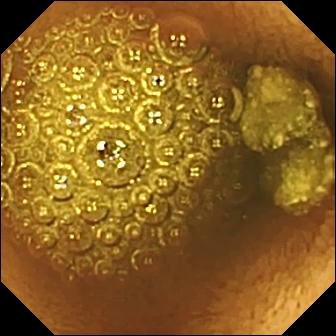WCE snapshot, 336×336. Reduced mucosal view (content or bubbles obscuring the mucosa).